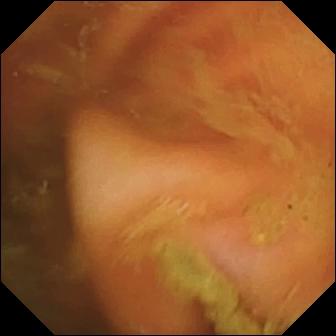Video capsule endoscopy. Label: ileo-cecal valve region (the transition from the small bowel to the large bowel).